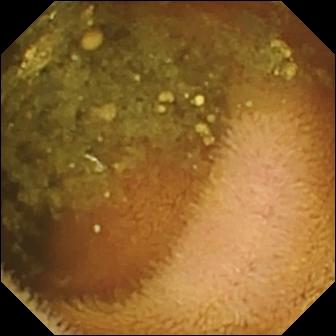modality: capsule endoscopy; category: luminal finding; observation: reduced mucosal view (content or bubbles obscuring the mucosa)